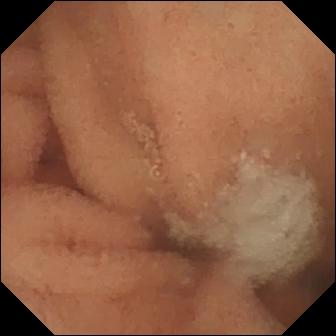This WCE view shows normal clean mucosa.